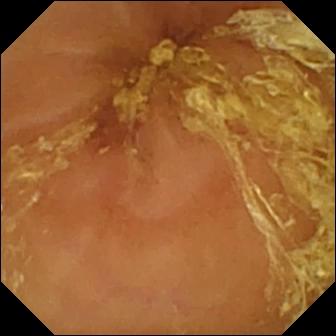Q: What does this video capsule endoscopy view of the small intestine show?
A: Normal clean mucosa.